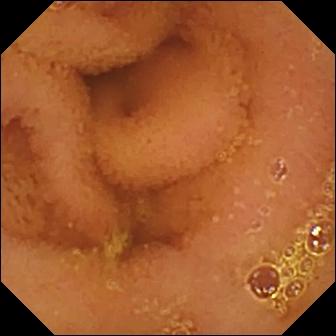Small-bowel capsule endoscopy image, 336×336. Normal clean mucosa.